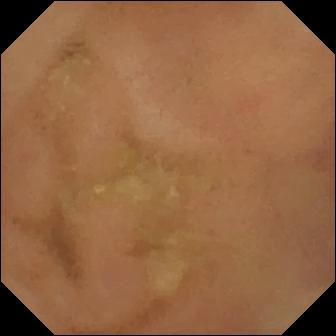Video capsule endoscopy image showing normal clean mucosa.